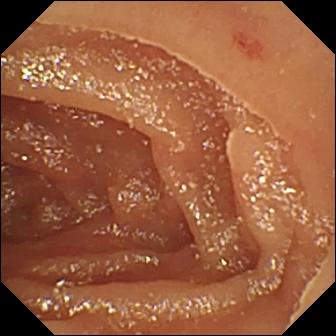Angiectasia (336×336).